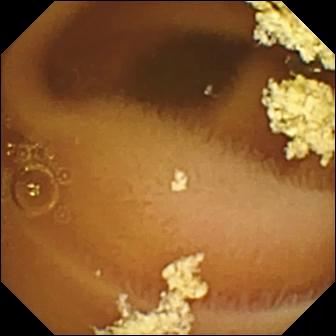{"modality": "capsule endoscopy", "finding": "normal clean mucosa"}